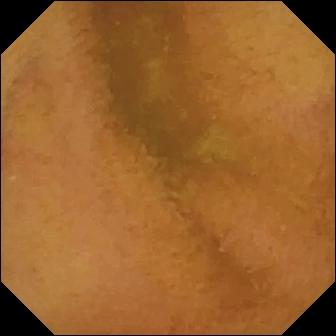{"modality": "small-bowel capsule endoscopy", "segment": "small intestine", "category": "luminal finding", "finding": "normal clean mucosa"}